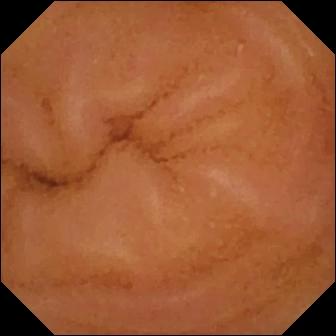Small-bowel capsule endoscopy — normal clean mucosa.